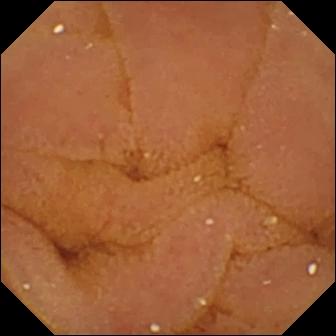Small-bowel capsule endoscopy frame showing normal clean mucosa.